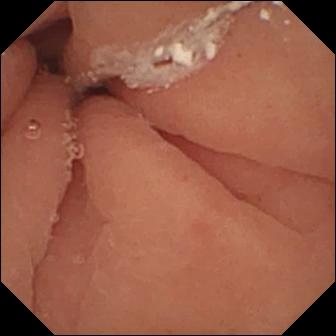PROCEDURE: Capsule endoscopy.
VIDEO SEGMENT: Pylorus region (where the capsule passes from the stomach into the small bowel).